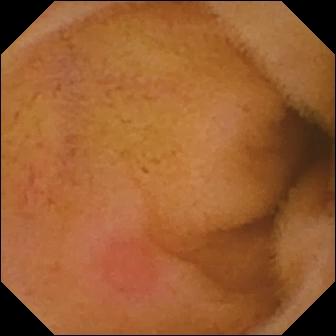modality: VCE
category: luminal finding
observation: erythema (mucosal redness)